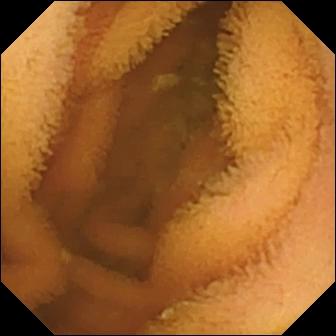modality: small-bowel capsule endoscopy
label: normal clean mucosa